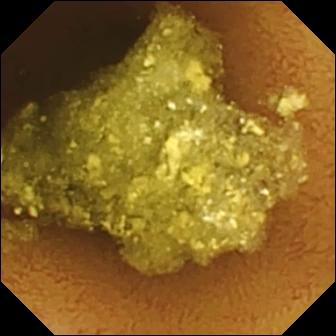modality: capsule endoscopy; finding: normal clean mucosa